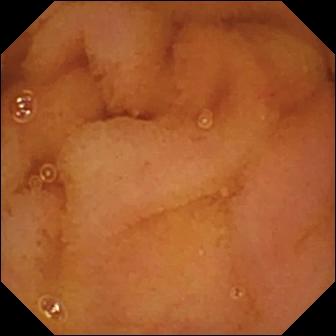Normal clean mucosa — wireless capsule endoscopy image.